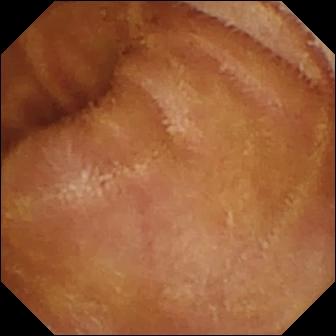Normal clean mucosa — small-bowel capsule endoscopy still.